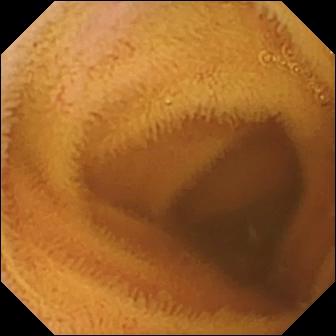Q: What does this capsule endoscopy frame show?
A: Normal clean mucosa.